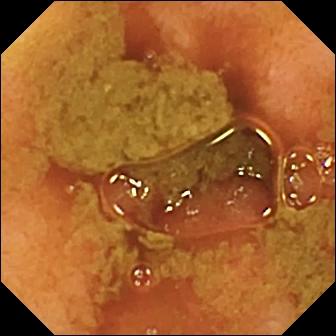modality: capsule endoscopy
label: ileo-cecal valve region (the transition from the small bowel to the large bowel)